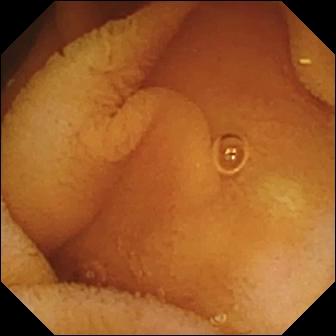Video capsule endoscopy — normal clean mucosa.